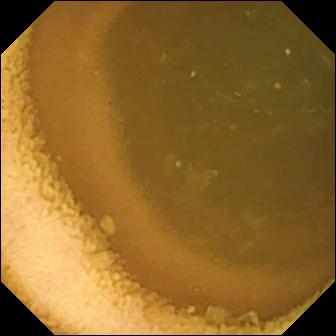Capsule endoscopy image
Finding: normal clean mucosa